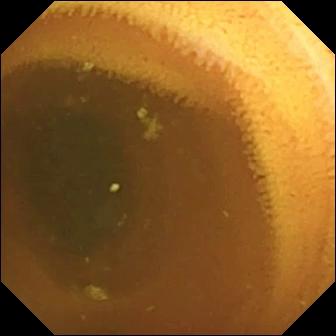{"modality": "WCE", "segment": "small intestine", "finding": "normal clean mucosa"}